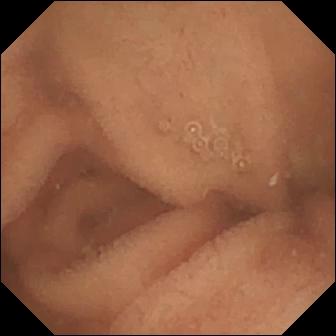This WCE frame shows normal clean mucosa.